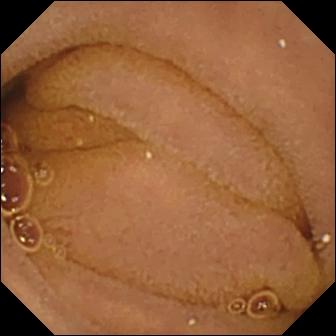Wireless capsule endoscopy snapshot (small bowel). Normal clean mucosa.